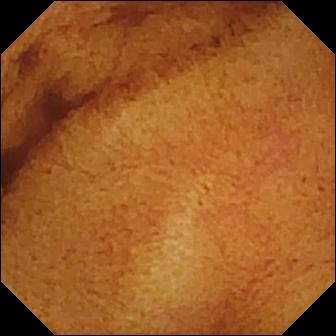Normal clean mucosa — capsule endoscopy image of the small intestine.